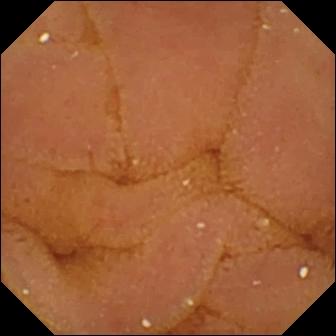{"modality": "VCE", "category": "luminal finding", "finding": "normal clean mucosa"}